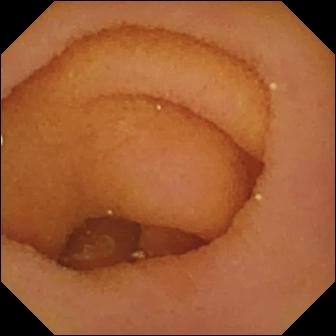Q: Where in the digestive tract was this WCE still taken?
A: Pylorus region.